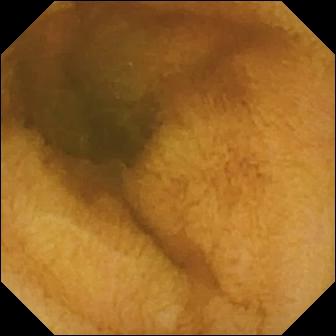modality: WCE; segment: small intestine; finding: normal clean mucosa